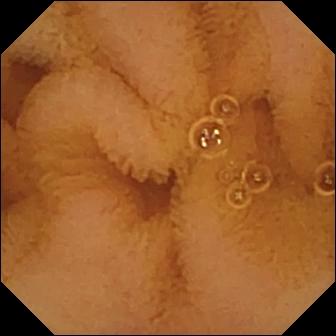WCE — normal clean mucosa.